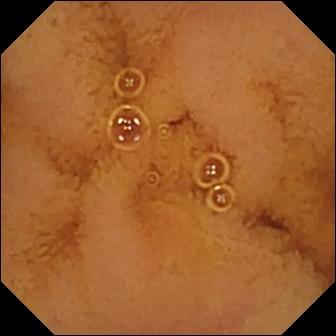Small-bowel capsule endoscopy frame
Observation: normal clean mucosa